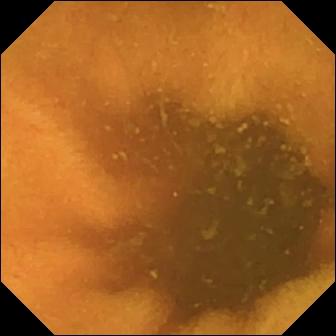Normal clean mucosa — small-bowel capsule endoscopy image.